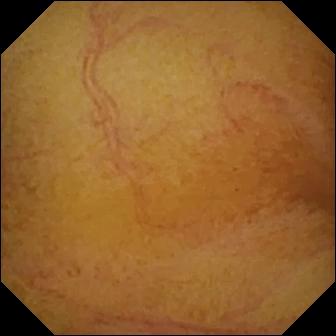Video capsule endoscopy snapshot (small bowel). Normal clean mucosa.